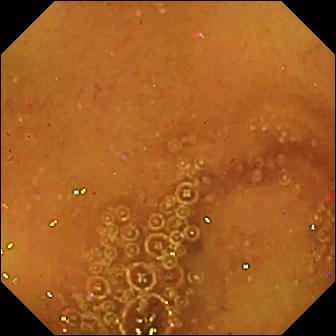{"modality": "capsule endoscopy", "segment": "small intestine", "finding": "normal clean mucosa"}